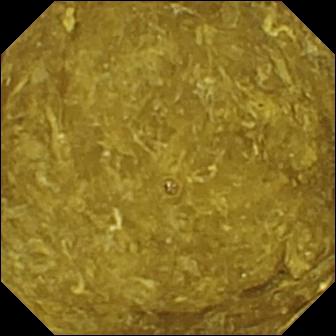Small-bowel capsule endoscopy — reduced mucosal view (content or bubbles obscuring the mucosa).